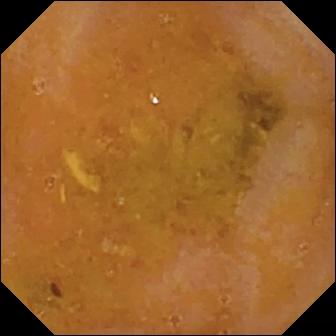- modality: wireless capsule endoscopy
- category: luminal finding
- label: reduced mucosal view (content or bubbles obscuring the mucosa)